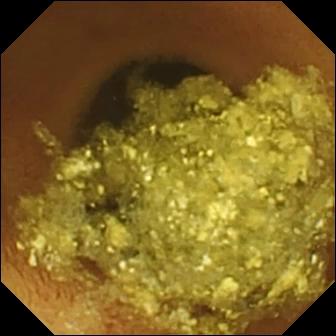Small-bowel capsule endoscopy still of the small intestine showing normal clean mucosa.